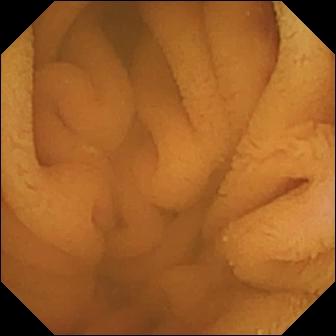- modality: WCE
- segment: small bowel
- label: normal clean mucosa